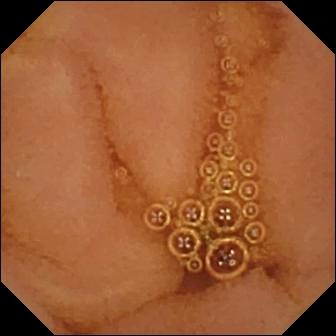This capsule endoscopy frame of the small bowel shows normal clean mucosa.